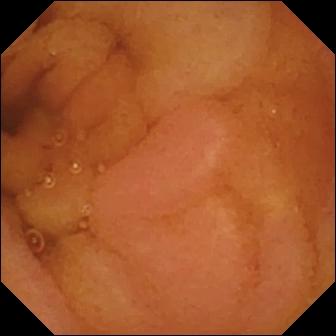Normal clean mucosa.